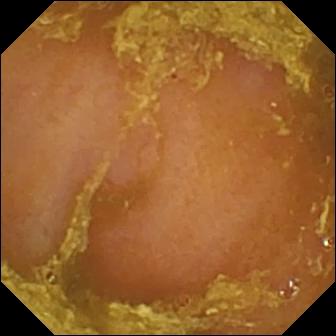- modality: wireless capsule endoscopy
- observation: reduced mucosal view (content or bubbles obscuring the mucosa)